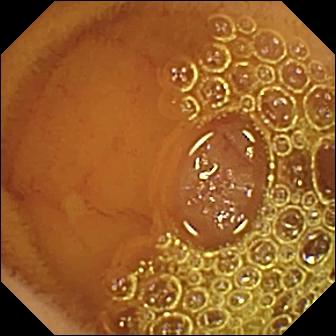PROCEDURE: WCE.
FINDINGS: Normal clean mucosa.